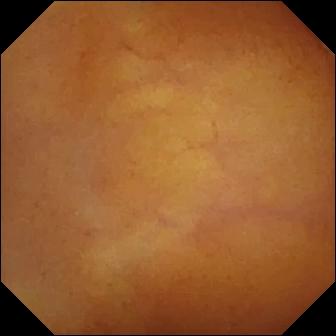PROCEDURE: Small-bowel capsule endoscopy.
SEGMENT: Small bowel.
FINDINGS: Normal clean mucosa.